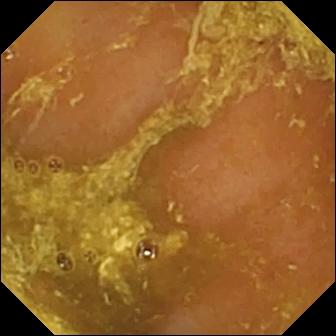Small-bowel capsule endoscopy view showing reduced mucosal view (content or bubbles obscuring the mucosa).